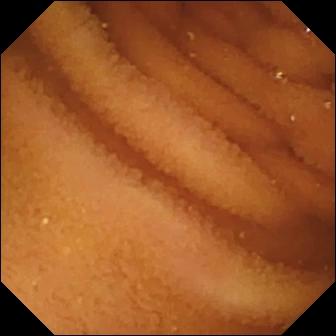modality: video capsule endoscopy | segment: small bowel | finding: normal clean mucosa